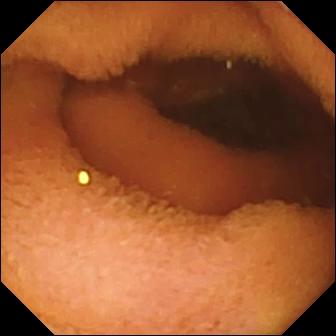VCE snapshot, small bowel
Label: normal clean mucosa